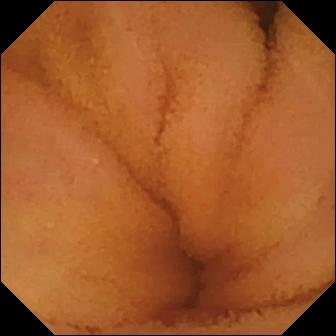Small-bowel capsule endoscopy view
Observation: normal clean mucosa